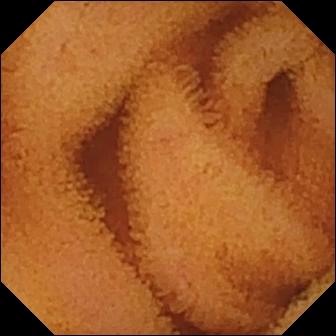Normal clean mucosa — capsule endoscopy still.